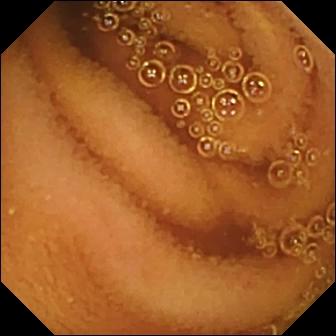Normal clean mucosa — wireless capsule endoscopy snapshot of the small bowel.